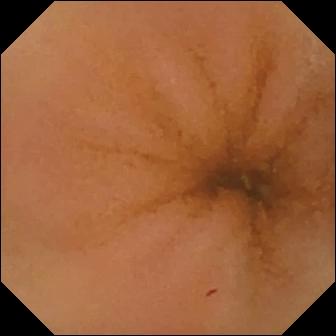Normal clean mucosa — video capsule endoscopy snapshot of the small bowel.